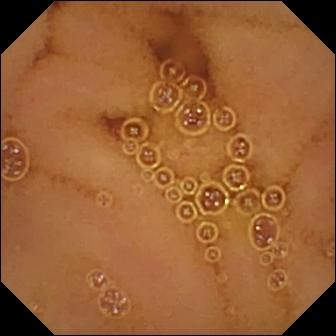Normal clean mucosa — capsule endoscopy still of the small bowel.